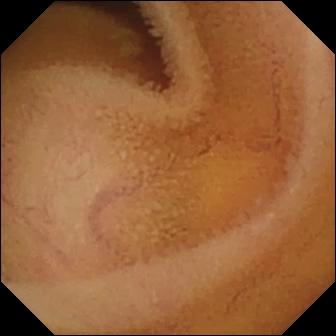- modality: small-bowel capsule endoscopy
- impression: normal clean mucosa